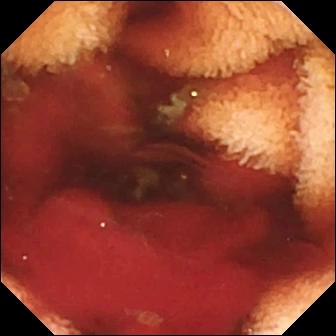Q: What does this video capsule endoscopy still show?
A: Fresh blood in the lumen.